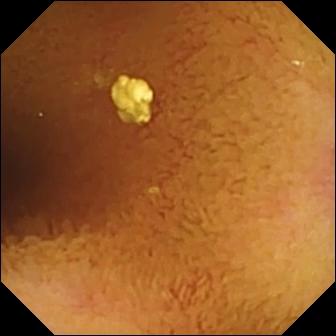modality: wireless capsule endoscopy | segment: small bowel | label: normal clean mucosa